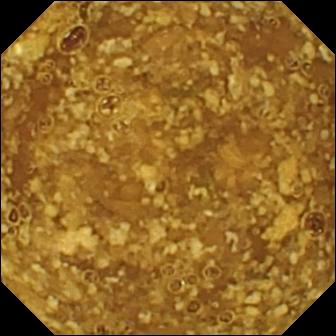Q: What does this VCE snapshot show?
A: Reduced mucosal view (content or bubbles obscuring the mucosa).